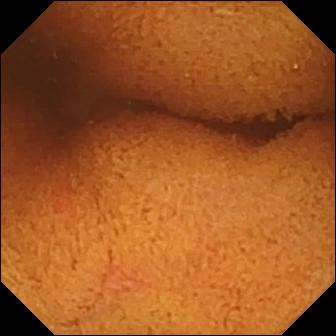PROCEDURE: Video capsule endoscopy.
SEGMENT: Small intestine.
FINDINGS: Normal clean mucosa.